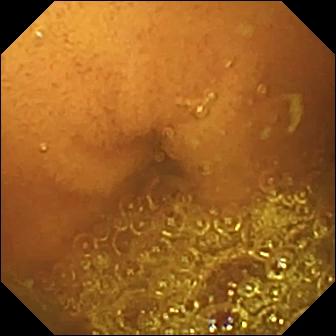Normal clean mucosa — small-bowel capsule endoscopy view of the small bowel.